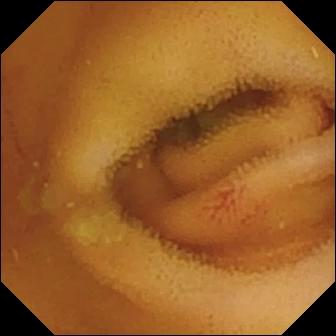{"modality": "capsule endoscopy", "finding": "angiectasia"}